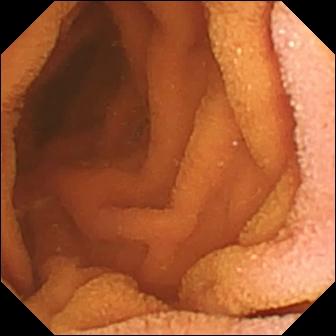PROCEDURE: VCE.
FINDINGS: Normal clean mucosa.